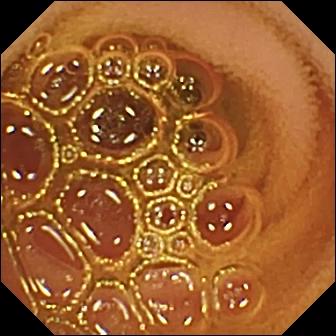Wireless capsule endoscopy — normal clean mucosa.